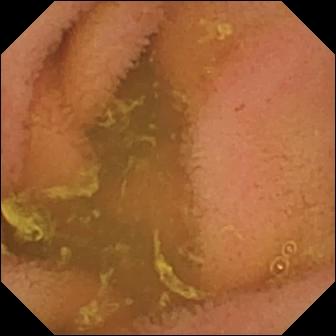VCE view showing normal clean mucosa.